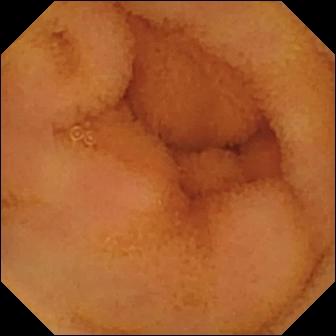This VCE snapshot shows normal clean mucosa.